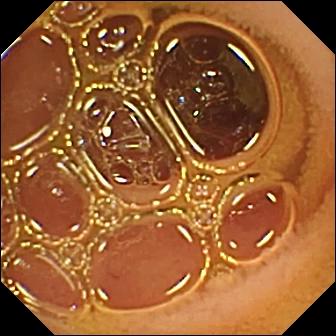This VCE frame shows normal clean mucosa.